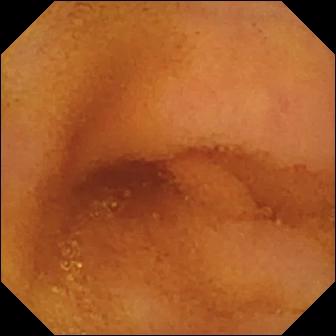VCE frame, small bowel
Label: normal clean mucosa